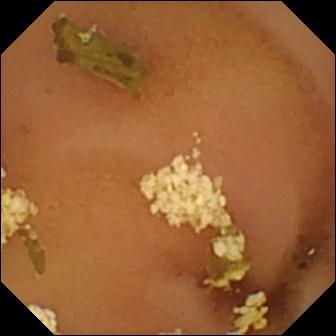Video capsule endoscopy — normal clean mucosa.